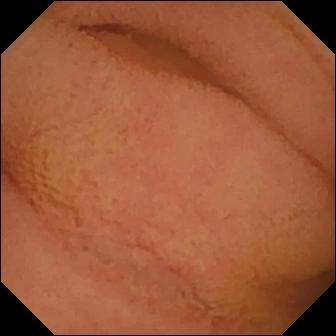PROCEDURE: Small-bowel capsule endoscopy.
SEGMENT: Small intestine.
FINDINGS: Normal clean mucosa.